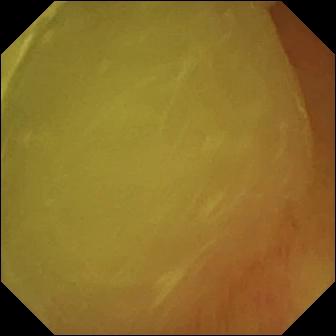Small-bowel capsule endoscopy — normal clean mucosa.